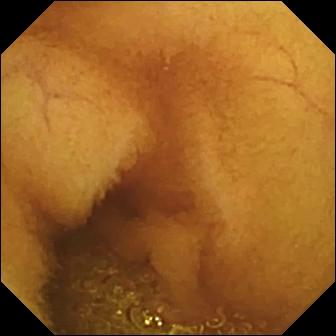Q: What does this small-bowel capsule endoscopy still of the small bowel show?
A: Normal clean mucosa.